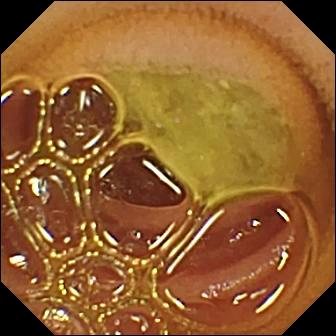VCE frame (small bowel). Normal clean mucosa.